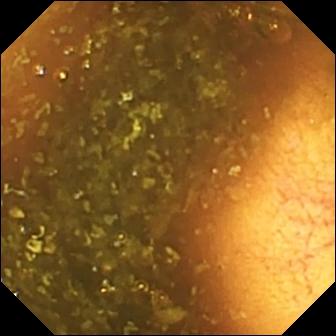This WCE view was taken in the ileo-cecal valve region (the transition from the small bowel to the large bowel).